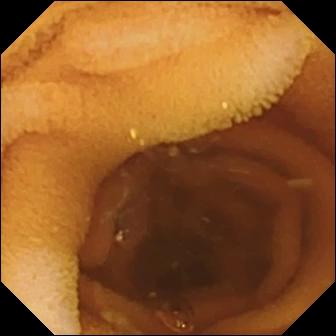This small-bowel capsule endoscopy snapshot of the small intestine shows normal clean mucosa.